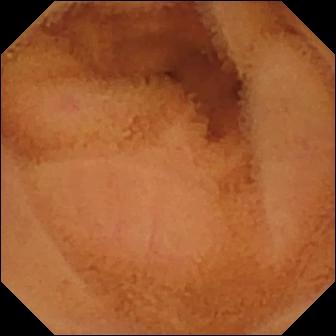- modality: capsule endoscopy
- category: luminal finding
- impression: normal clean mucosa